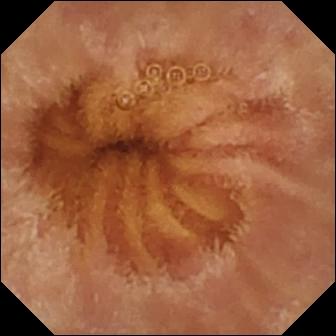Video capsule endoscopy frame (small bowel). Normal clean mucosa.